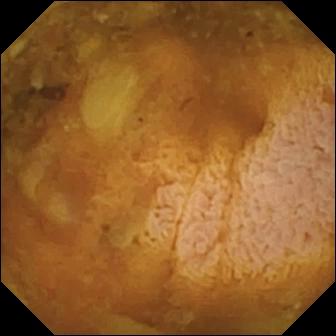Reduced mucosal view (content or bubbles obscuring the mucosa) — capsule endoscopy frame.